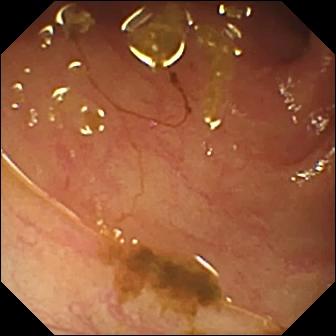WCE — ileo-cecal valve region (the transition from the small bowel to the large bowel).